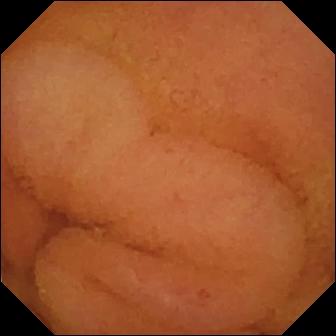Normal clean mucosa.